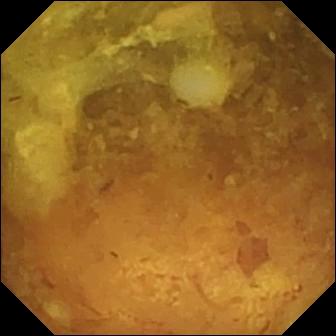Wireless capsule endoscopy. Label: reduced mucosal view (content or bubbles obscuring the mucosa).